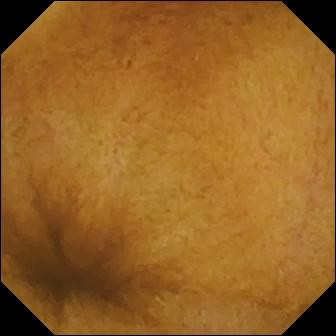{"modality": "video capsule endoscopy", "finding": "normal clean mucosa"}